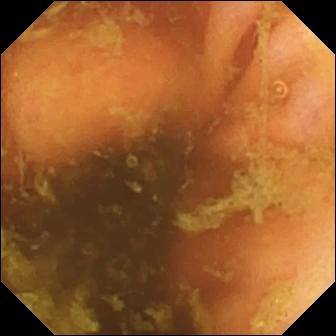WCE image taken in the ileo-cecal valve region (where the capsule passes from the small bowel into the large bowel).